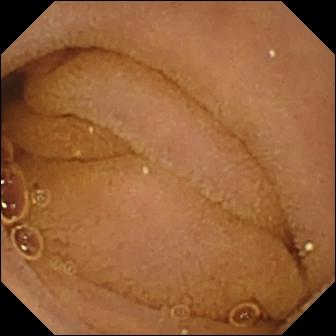Small-bowel capsule endoscopy snapshot, small bowel
Impression: normal clean mucosa